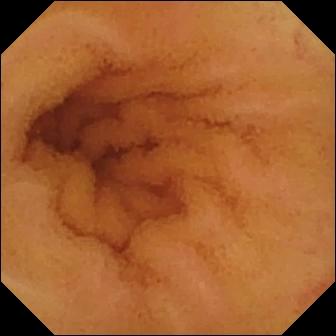This wireless capsule endoscopy frame shows angiectasia.